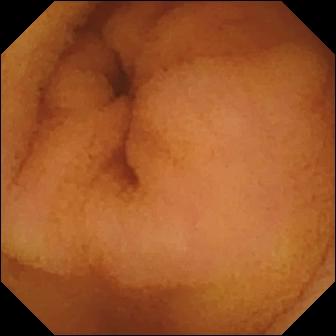Small-bowel capsule endoscopy image, small bowel
Impression: normal clean mucosa